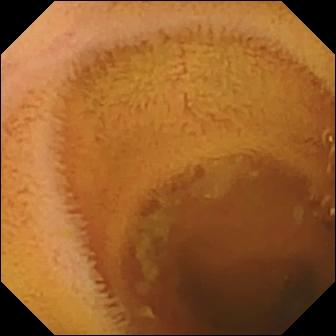WCE frame (small bowel). Normal clean mucosa.